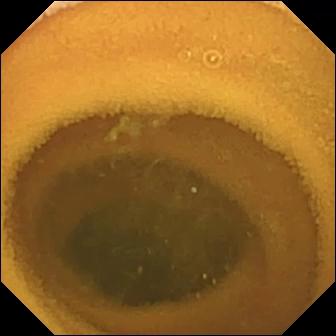Capsule endoscopy image
Impression: normal clean mucosa